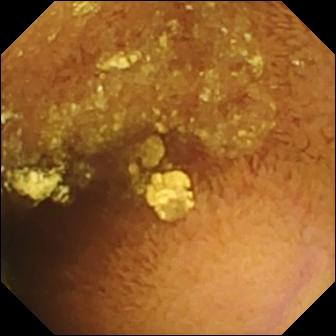Capsule endoscopy. Small intestine. Luminal finding. Finding: normal clean mucosa.